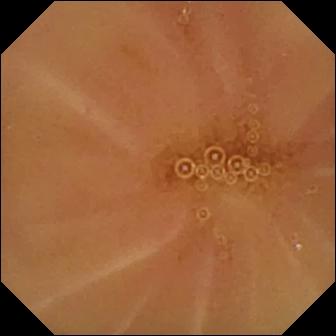Capsule endoscopy. Small bowel. Finding: normal clean mucosa.